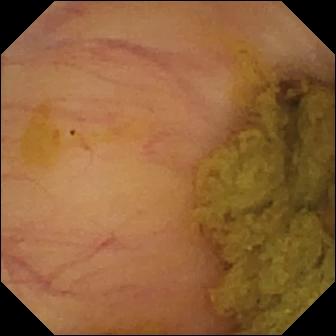Wireless capsule endoscopy. Location: ileo-cecal valve region.